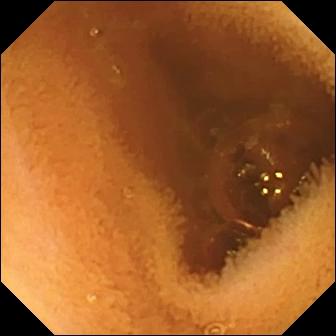{"modality": "wireless capsule endoscopy", "finding": "normal clean mucosa"}